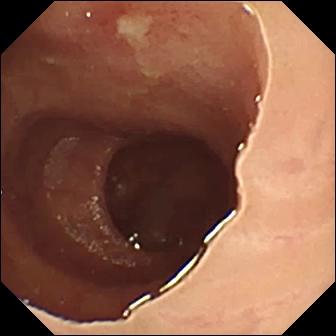{"modality": "WCE", "finding": "ulcer"}